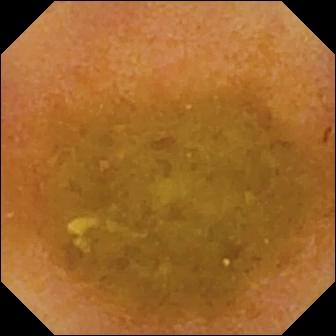Reduced mucosal view (content or bubbles obscuring the mucosa) — small-bowel capsule endoscopy still of the small bowel.